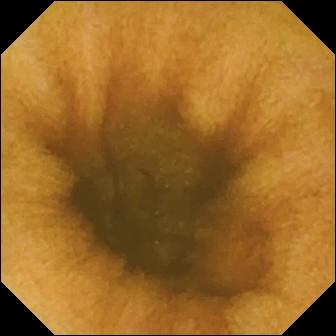PROCEDURE: VCE.
FINDINGS: Normal clean mucosa.